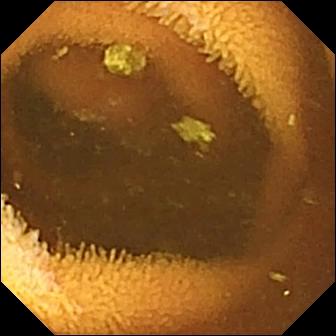VCE still, small bowel
Finding: normal clean mucosa